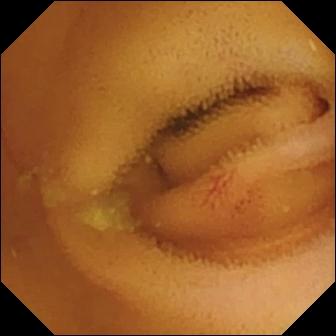{"modality": "small-bowel capsule endoscopy", "finding": "angiectasia"}